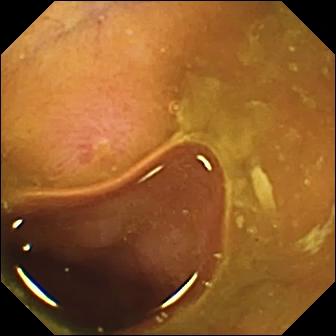Erosion — video capsule endoscopy still.